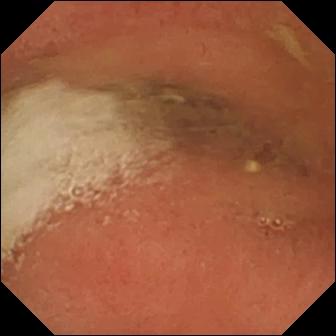This small-bowel capsule endoscopy image was taken in the pylorus region.